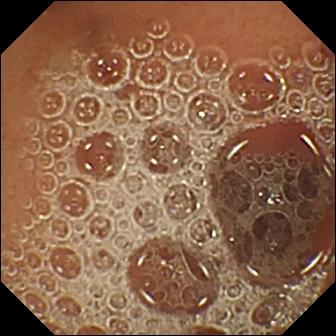{"modality": "WCE", "finding": "normal clean mucosa"}